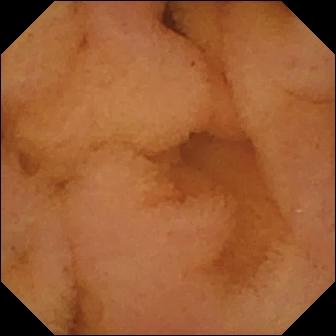{"modality": "WCE", "segment": "small intestine", "category": "luminal finding", "finding": "normal clean mucosa"}